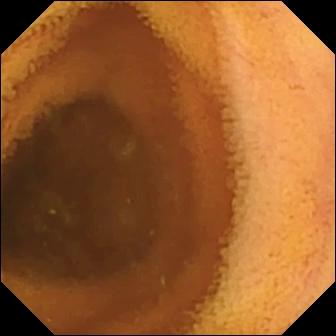modality: video capsule endoscopy
segment: small bowel
observation: normal clean mucosa